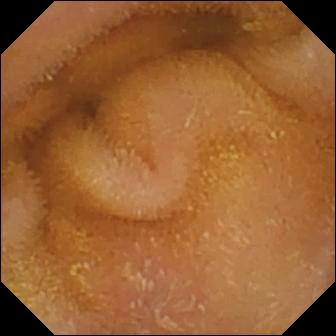Normal clean mucosa — video capsule endoscopy still of the small bowel.